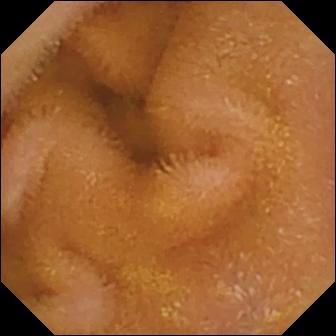modality: wireless capsule endoscopy; segment: small bowel; impression: normal clean mucosa